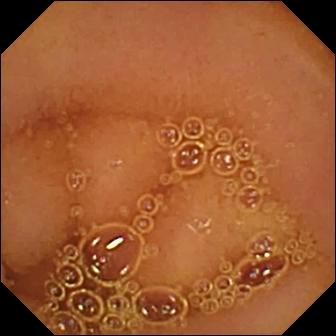Normal clean mucosa — VCE still of the small bowel.